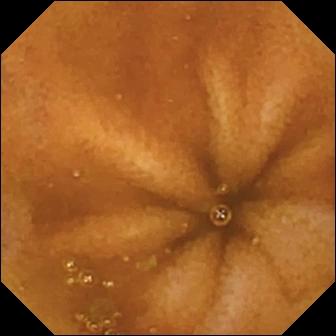Q: What does this capsule endoscopy view of the small bowel show?
A: Normal clean mucosa.